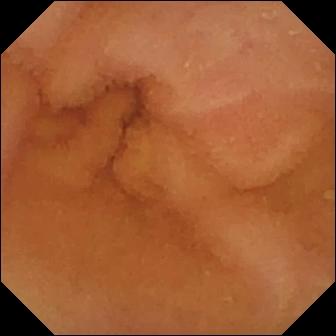Q: What does this VCE frame of the small intestine show?
A: Normal clean mucosa.